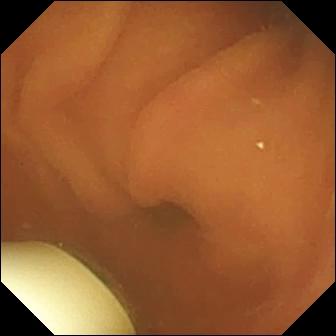Video capsule endoscopy — foreign body (e.g. retained capsule, tablet residue).